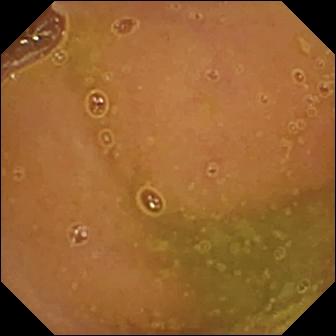Wireless capsule endoscopy. Observation: normal clean mucosa.